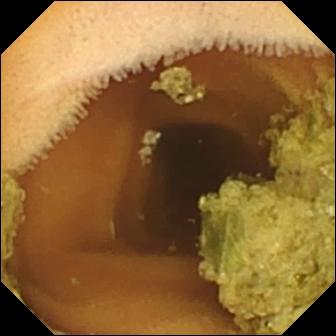Normal clean mucosa — capsule endoscopy snapshot of the small intestine.